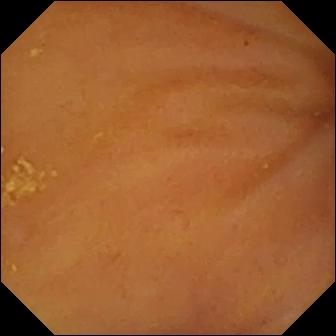Ileo-cecal valve region — wireless capsule endoscopy image.